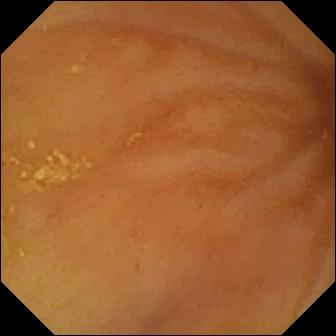{"modality": "VCE", "category": "anatomical landmark", "label": "ileo-cecal valve region (where the capsule passes from the small bowel into the large bowel)"}